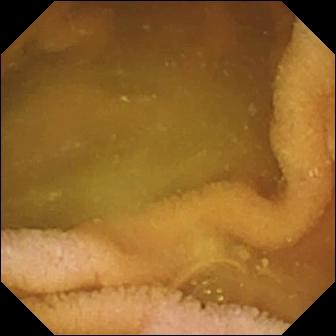modality: wireless capsule endoscopy
observation: normal clean mucosa